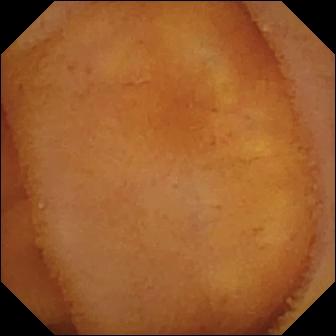PROCEDURE: Capsule endoscopy.
FINDINGS: Normal clean mucosa.